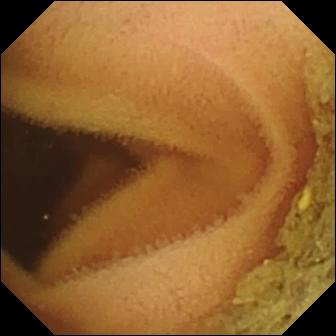Video capsule endoscopy frame, small bowel
Observation: normal clean mucosa